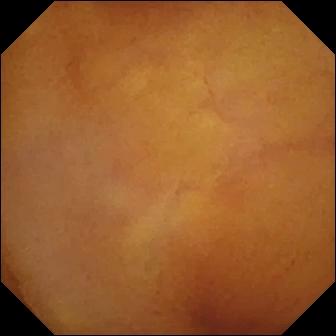Wireless capsule endoscopy frame of the small bowel showing normal clean mucosa.